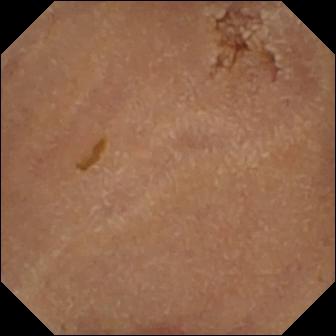Q: What does this WCE snapshot show?
A: Normal clean mucosa.